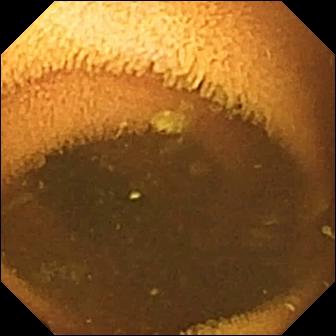Normal clean mucosa — WCE frame of the small intestine.